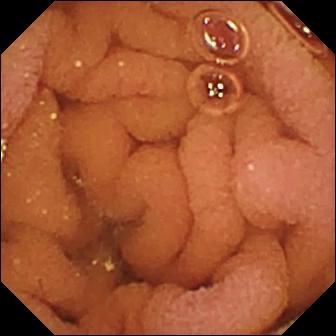{"modality": "small-bowel capsule endoscopy", "finding": "normal clean mucosa"}